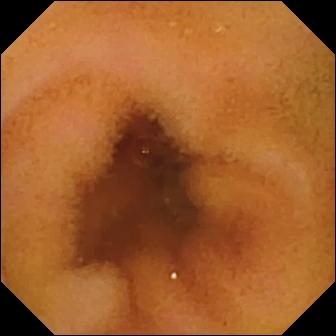Normal clean mucosa — small-bowel capsule endoscopy image.